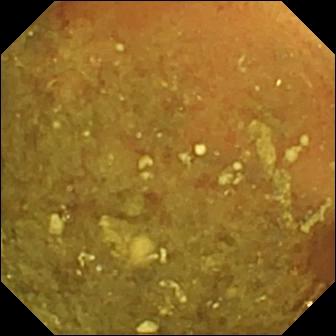modality: WCE
impression: reduced mucosal view (content or bubbles obscuring the mucosa)